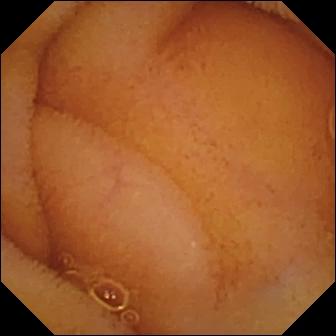Small-bowel capsule endoscopy frame, small bowel
Label: normal clean mucosa